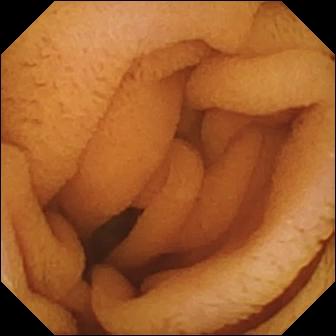modality: small-bowel capsule endoscopy | segment: small intestine | impression: normal clean mucosa